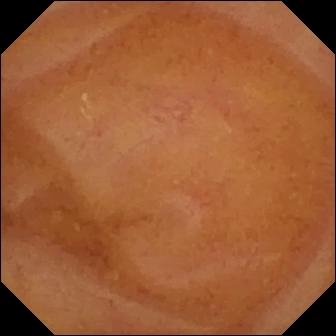Wireless capsule endoscopy view of the small intestine showing normal clean mucosa.